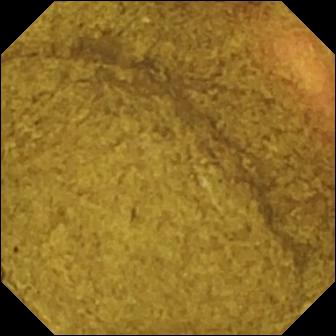modality: capsule endoscopy | category: anatomical landmark | label: ileo-cecal valve region